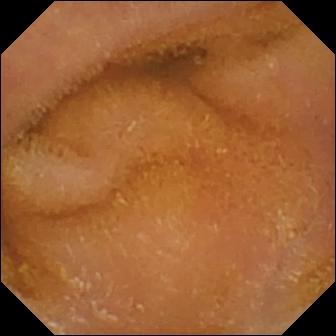modality: VCE; finding: normal clean mucosa